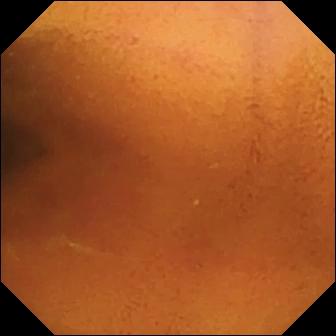Capsule endoscopy frame. Normal clean mucosa.